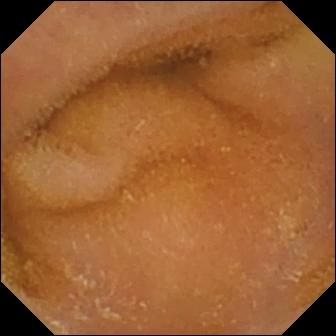PROCEDURE: WCE.
SEGMENT: Small bowel.
FINDINGS: Normal clean mucosa.